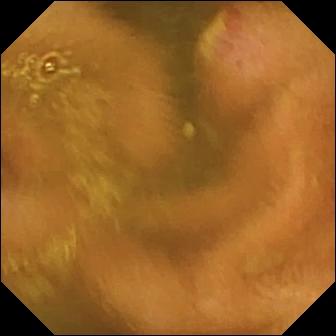PROCEDURE: Capsule endoscopy.
FINDINGS: Ulcer.